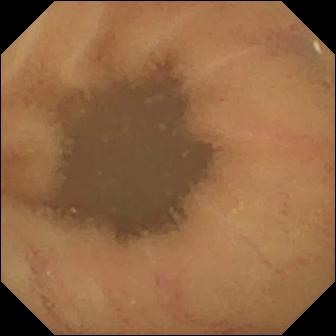This wireless capsule endoscopy view of the small intestine shows normal clean mucosa.